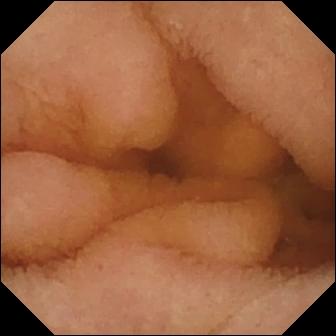{"modality": "VCE", "finding": "normal clean mucosa"}